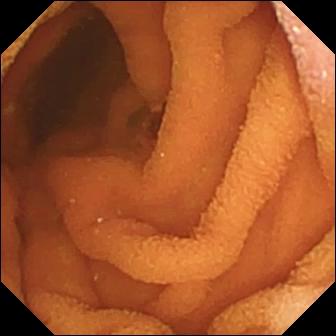PROCEDURE: Capsule endoscopy.
FINDINGS: Normal clean mucosa.